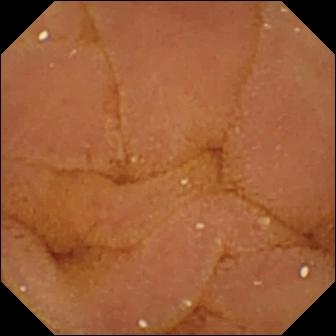VCE — normal clean mucosa.